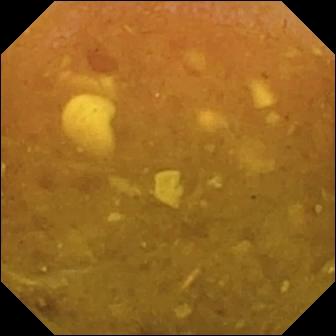PROCEDURE: Small-bowel capsule endoscopy.
SEGMENT: Small bowel.
FINDINGS: Reduced mucosal view (content or bubbles obscuring the mucosa).